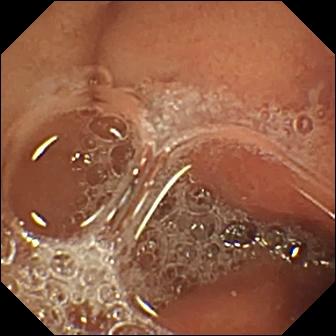PROCEDURE: Wireless capsule endoscopy.
FINDINGS: Erosion.